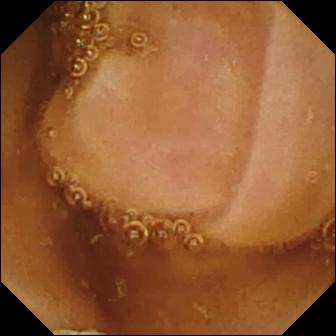This capsule endoscopy still shows normal clean mucosa.